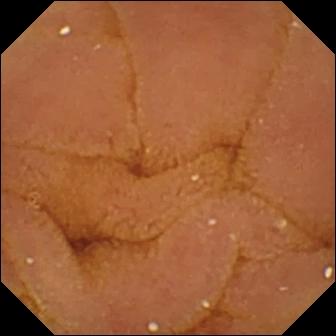Normal clean mucosa — small-bowel capsule endoscopy view.